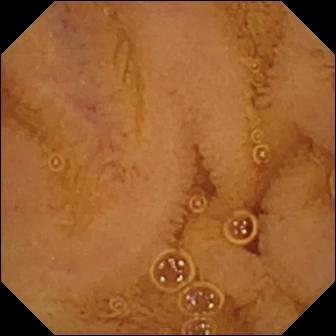WCE. Impression: normal clean mucosa.